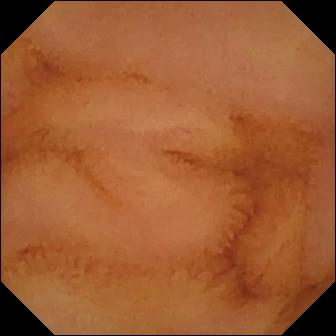Q: What does this VCE view of the small intestine show?
A: Normal clean mucosa.